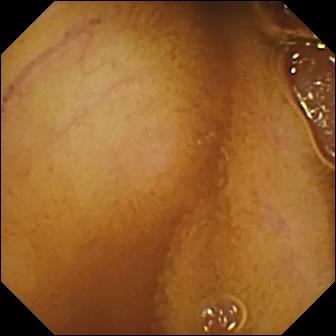PROCEDURE: WCE.
FINDINGS: Normal clean mucosa.